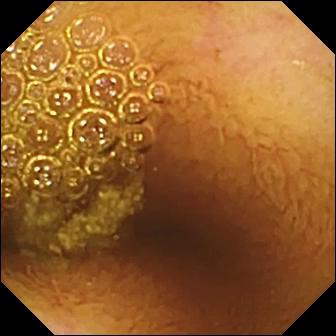{"modality": "wireless capsule endoscopy", "finding": "normal clean mucosa"}